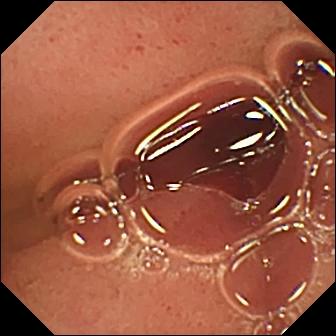- modality: capsule endoscopy
- position: pylorus region (the junction between the stomach and the small bowel)